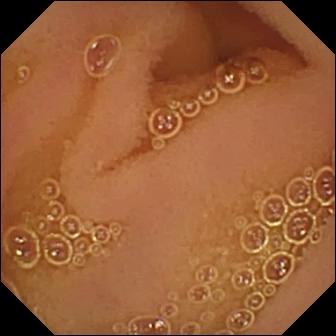Capsule endoscopy frame
Impression: normal clean mucosa